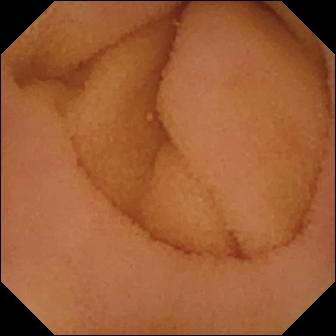Normal clean mucosa — WCE snapshot of the small intestine.